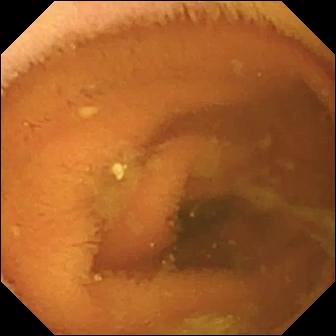WCE — normal clean mucosa.